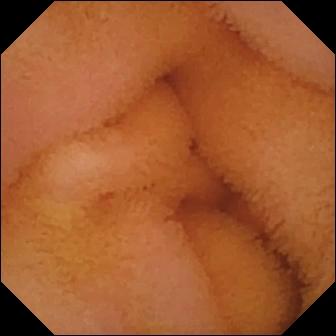Video capsule endoscopy snapshot. Normal clean mucosa.